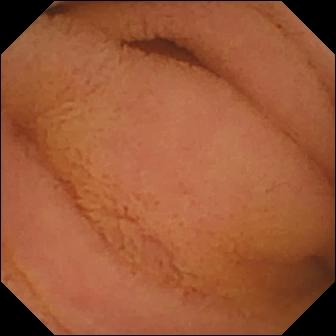{"modality": "small-bowel capsule endoscopy", "finding": "normal clean mucosa"}